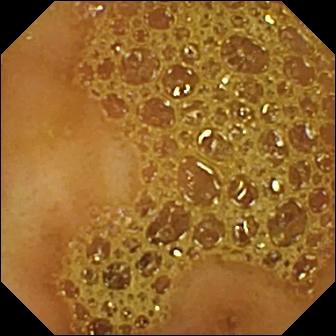{"modality": "VCE", "video_segment": "ileo-cecal valve region"}